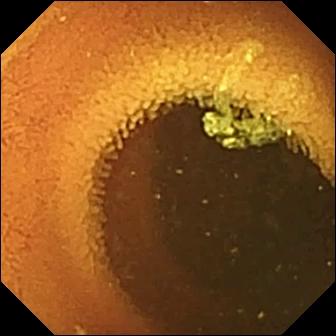modality: wireless capsule endoscopy | segment: small intestine | category: luminal finding | observation: normal clean mucosa